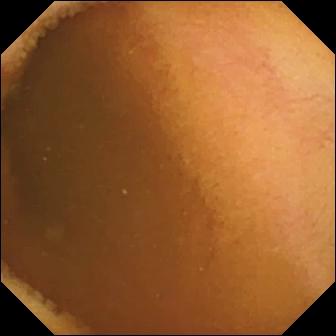Small-bowel capsule endoscopy — normal clean mucosa.